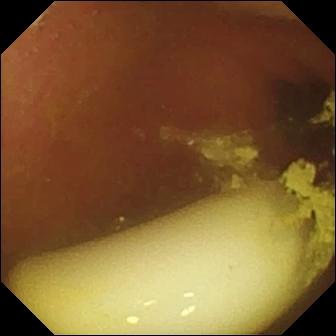modality: video capsule endoscopy
label: foreign body (e.g. retained capsule, tablet residue)